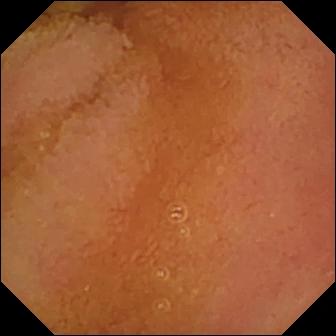VCE. Observation: normal clean mucosa.